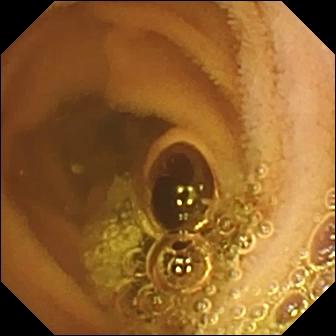Q: What does this small-bowel capsule endoscopy snapshot show?
A: Normal clean mucosa.